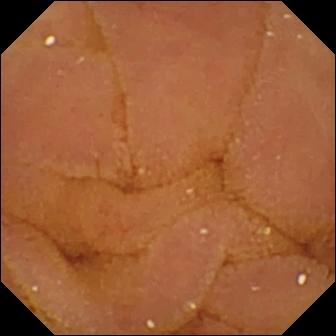This WCE view of the small intestine shows normal clean mucosa.